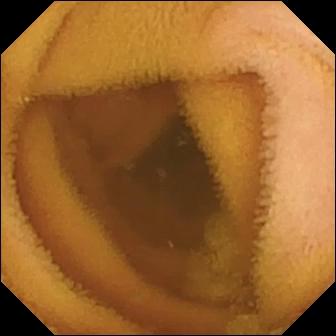Q: What does this video capsule endoscopy frame show?
A: Normal clean mucosa.